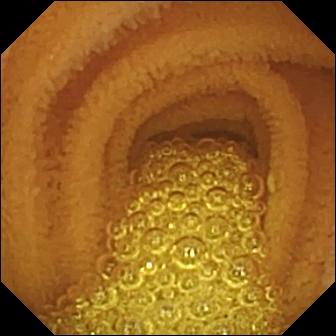WCE. Small bowel. Finding: normal clean mucosa.